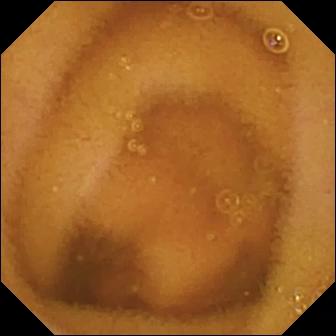Normal clean mucosa — VCE snapshot of the small bowel.